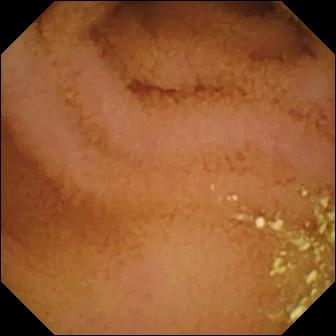Wireless capsule endoscopy. Luminal finding. Observation: normal clean mucosa.